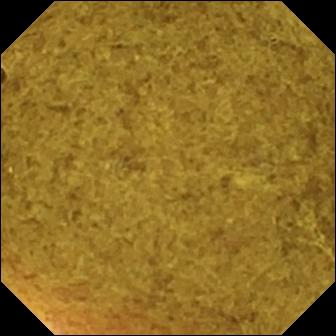{"modality": "capsule endoscopy", "location": "ileo-cecal valve region (the transition from the small bowel to the large bowel)"}